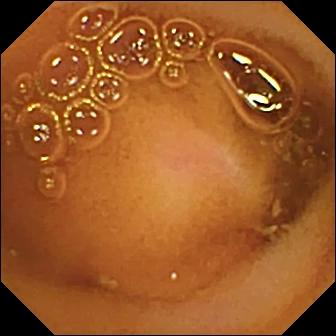{"modality": "video capsule endoscopy", "finding": "normal clean mucosa"}